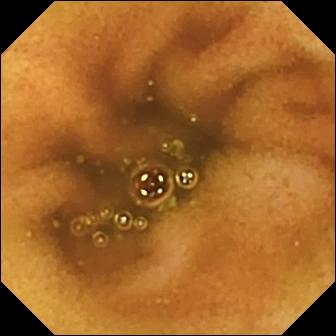VCE snapshot (small bowel). Normal clean mucosa.